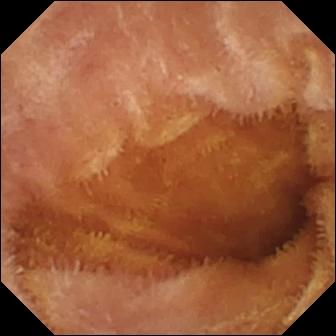modality: VCE | segment: small intestine | category: luminal finding | finding: normal clean mucosa